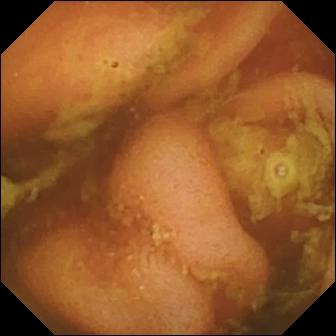PROCEDURE: WCE.
LOCATION: Ileo-cecal valve region.